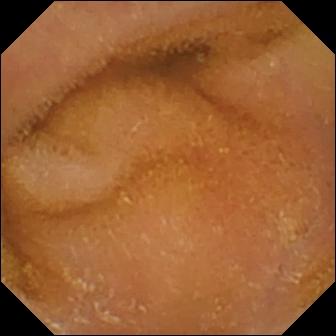Video capsule endoscopy. Luminal finding. Label: normal clean mucosa.